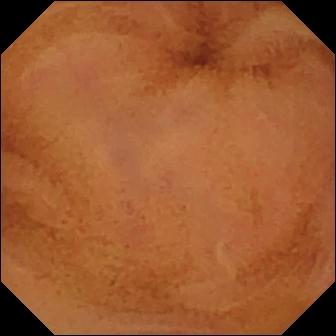This video capsule endoscopy frame of the small bowel shows normal clean mucosa.